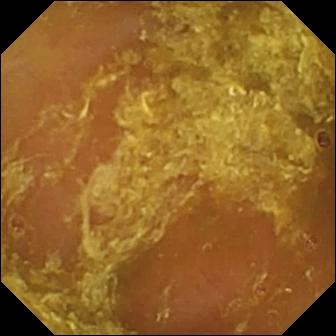Small-bowel capsule endoscopy snapshot showing reduced mucosal view (content or bubbles obscuring the mucosa).